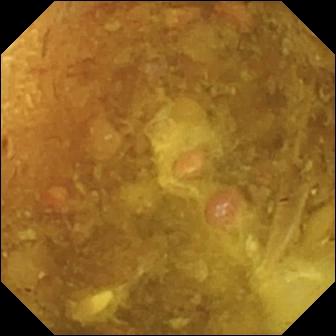Video capsule endoscopy view, 336×336. Reduced mucosal view (content or bubbles obscuring the mucosa).